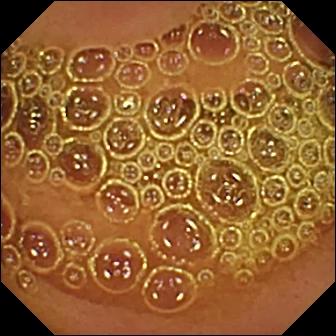{"modality": "WCE", "finding": "normal clean mucosa"}